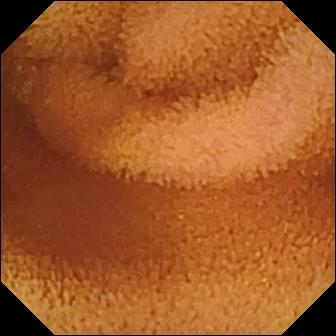This video capsule endoscopy image shows normal clean mucosa.